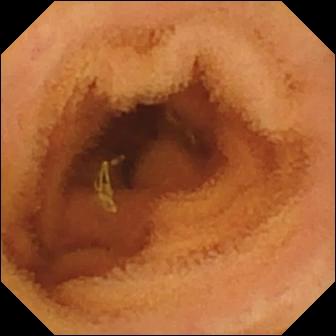Normal clean mucosa — video capsule endoscopy view of the small intestine.